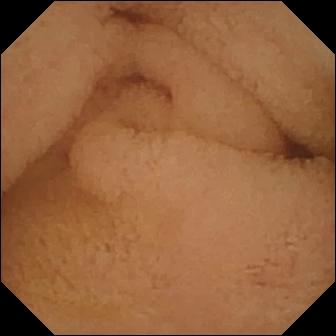WCE frame
Location: pylorus region (where the capsule passes from the stomach into the small bowel)